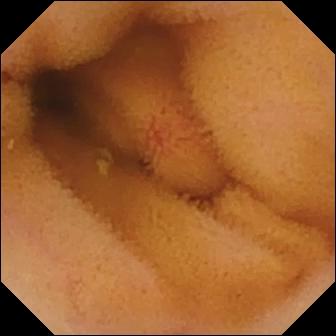PROCEDURE: Video capsule endoscopy.
FINDINGS: Angiectasia.